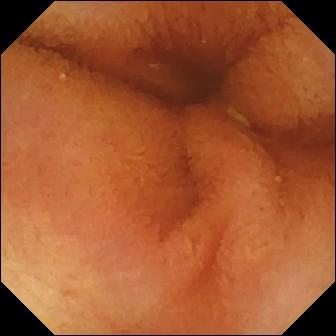PROCEDURE: Wireless capsule endoscopy.
FINDINGS: Normal clean mucosa.